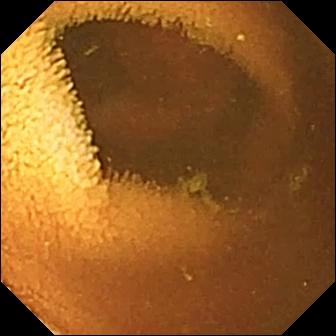Small-bowel capsule endoscopy — normal clean mucosa.